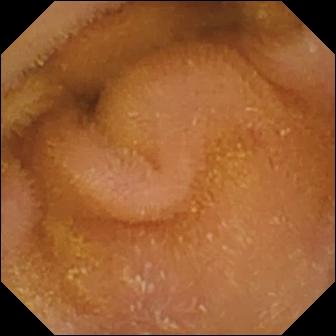Capsule endoscopy. Small intestine. Finding: normal clean mucosa.